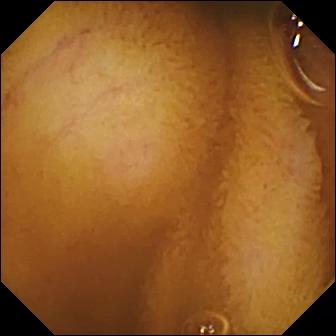Small-bowel capsule endoscopy view. Normal clean mucosa.